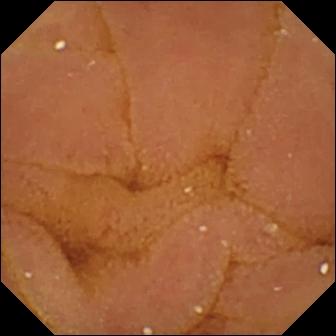- modality: small-bowel capsule endoscopy
- segment: small bowel
- impression: normal clean mucosa